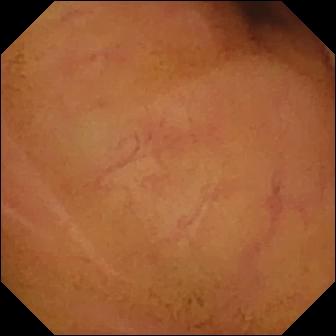{"modality": "WCE", "finding": "normal clean mucosa"}